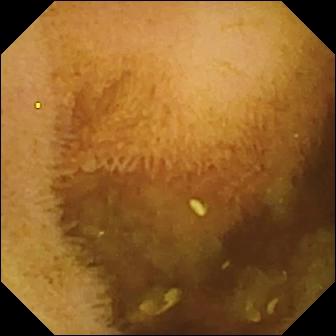PROCEDURE: WCE.
FINDINGS: Normal clean mucosa.